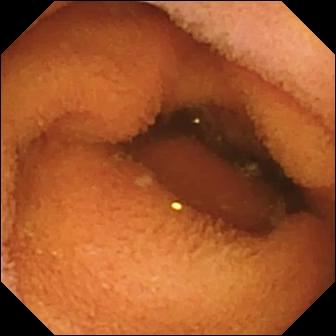Q: What does this capsule endoscopy still of the small intestine show?
A: Normal clean mucosa.